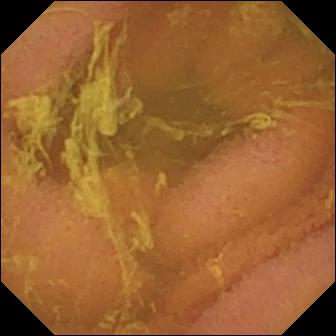{"modality": "wireless capsule endoscopy", "segment": "small bowel", "finding": "normal clean mucosa"}